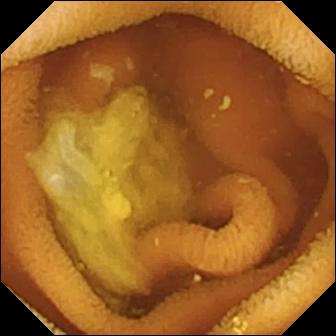This wireless capsule endoscopy view of the small bowel shows normal clean mucosa.